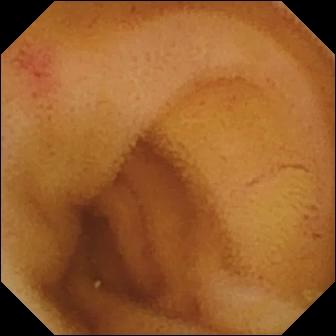Wireless capsule endoscopy image showing angiectasia.